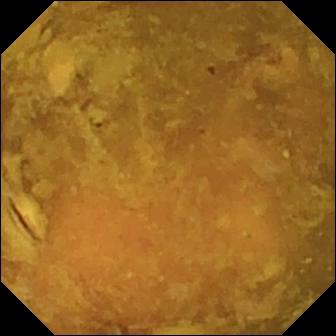WCE still of the small bowel showing reduced mucosal view (content or bubbles obscuring the mucosa).